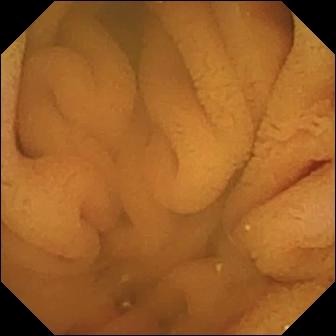Normal clean mucosa — wireless capsule endoscopy view.